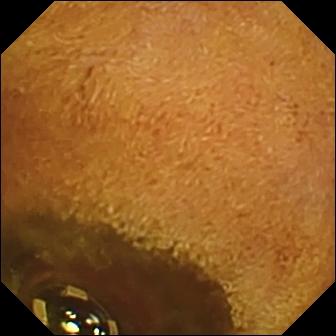- modality: video capsule endoscopy
- finding: foreign body (e.g. retained capsule, tablet residue)